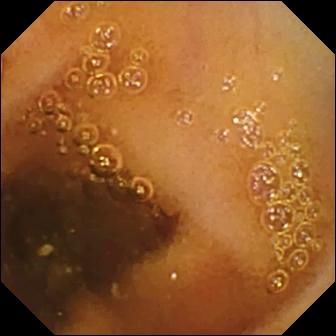Capsule endoscopy — normal clean mucosa.